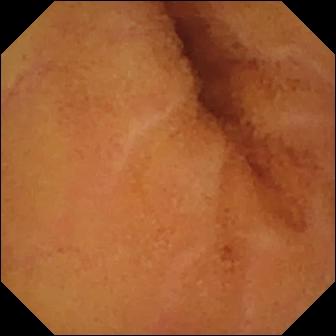VCE still of the small intestine showing normal clean mucosa.